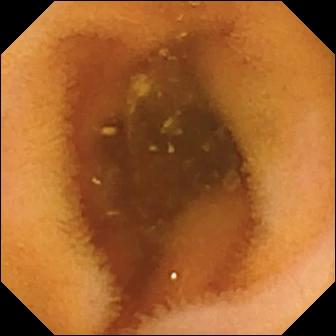- modality: small-bowel capsule endoscopy
- segment: small bowel
- observation: normal clean mucosa